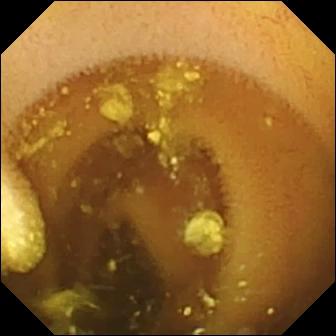Q: What does this VCE snapshot show?
A: Lymphangiectasia.